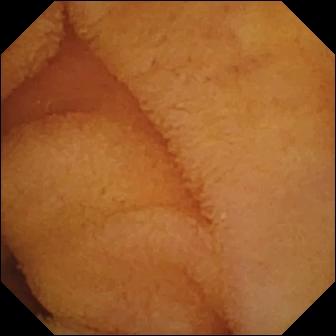Small-bowel capsule endoscopy — normal clean mucosa.